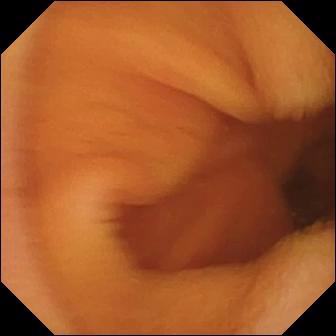modality: small-bowel capsule endoscopy; segment: small bowel; category: luminal finding; observation: normal clean mucosa